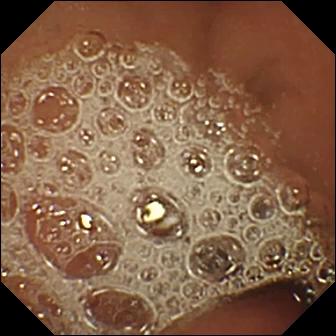Normal clean mucosa.